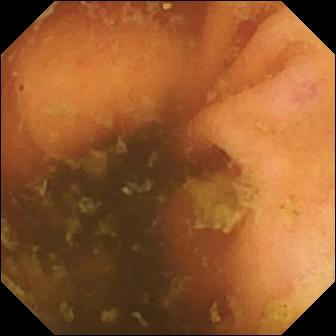- modality: wireless capsule endoscopy
- position: ileo-cecal valve region (where the capsule passes from the small bowel into the large bowel)